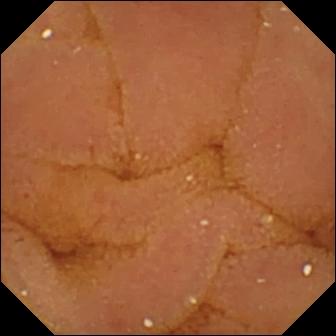Capsule endoscopy. Small intestine. Luminal finding. Observation: normal clean mucosa.